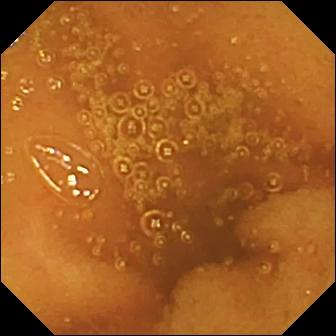Video capsule endoscopy snapshot of the small intestine showing normal clean mucosa.